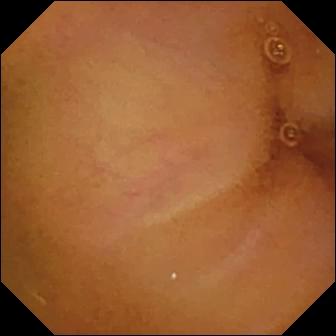Wireless capsule endoscopy frame of the small intestine showing normal clean mucosa.